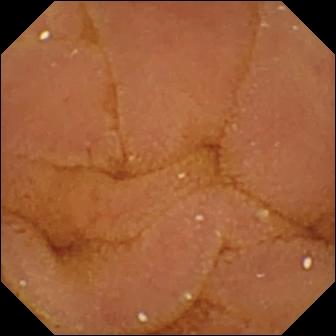PROCEDURE: Wireless capsule endoscopy.
FINDINGS: Normal clean mucosa.